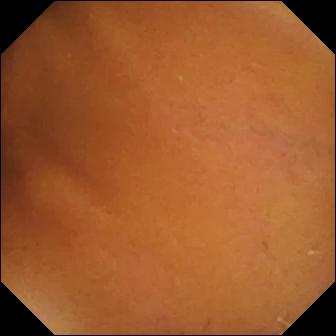Small-bowel capsule endoscopy — normal clean mucosa.